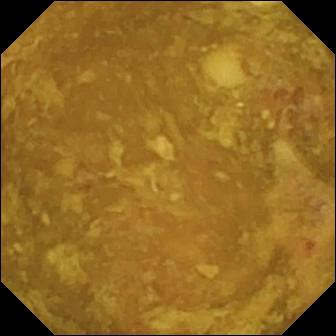Reduced mucosal view (content or bubbles obscuring the mucosa).